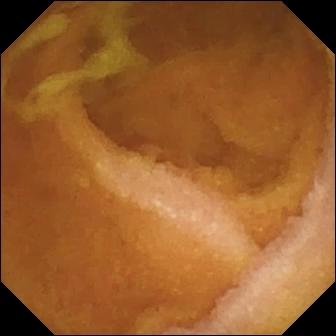modality: WCE
impression: normal clean mucosa